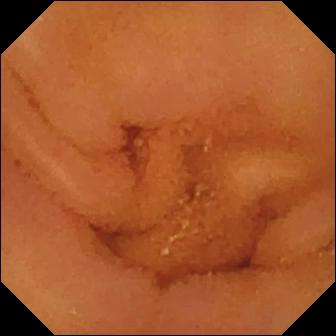Normal clean mucosa — capsule endoscopy frame of the small intestine.